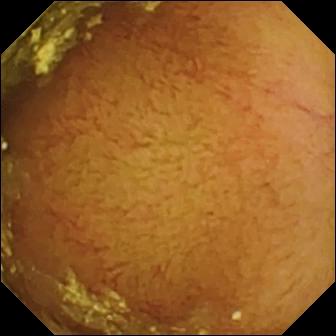Normal clean mucosa — small-bowel capsule endoscopy snapshot of the small bowel.